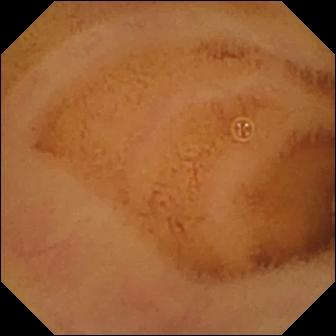PROCEDURE: VCE.
SEGMENT: Small bowel.
FINDINGS: Normal clean mucosa.